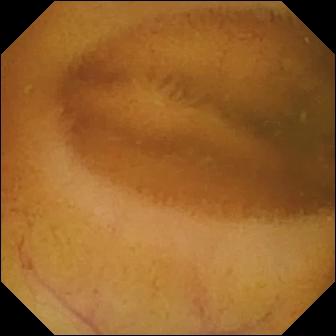This video capsule endoscopy snapshot of the small intestine shows normal clean mucosa.